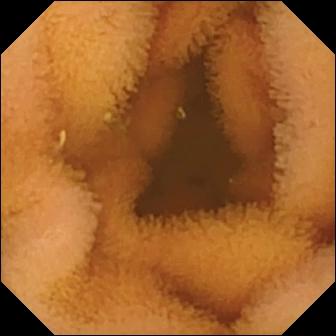Video capsule endoscopy snapshot of the small bowel showing normal clean mucosa.